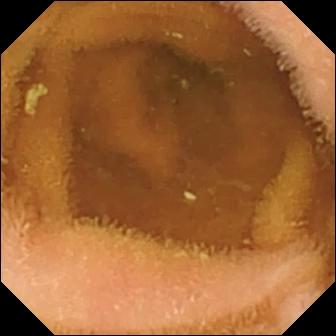{"modality": "small-bowel capsule endoscopy", "finding": "normal clean mucosa"}